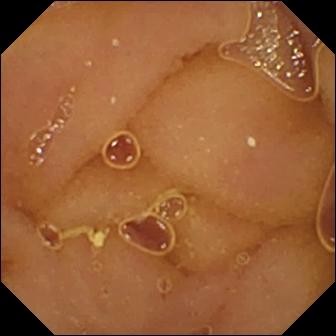modality: VCE | segment: small intestine | impression: normal clean mucosa